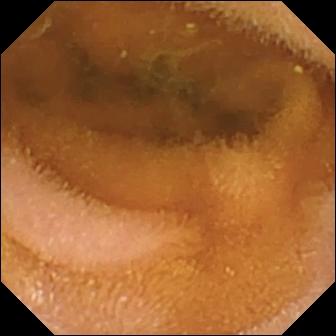PROCEDURE: Wireless capsule endoscopy.
SEGMENT: Small intestine.
FINDINGS: Normal clean mucosa.